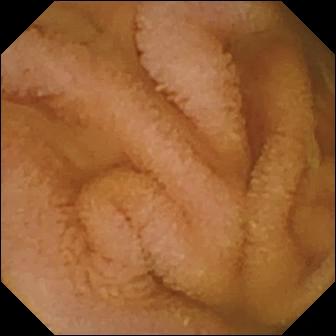PROCEDURE: VCE.
SEGMENT: Small intestine.
FINDINGS: Normal clean mucosa.